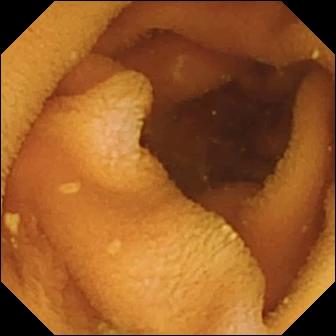Normal clean mucosa (336×336).